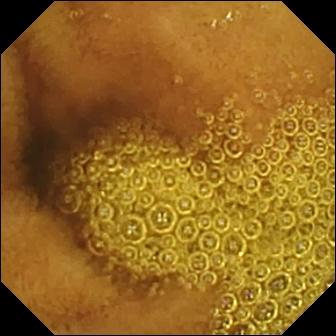Normal clean mucosa — capsule endoscopy still.